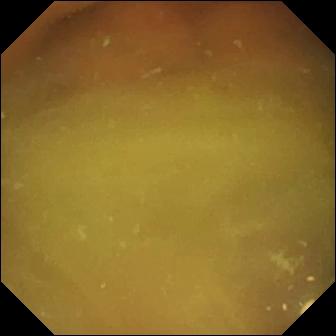WCE image, small intestine
Label: normal clean mucosa